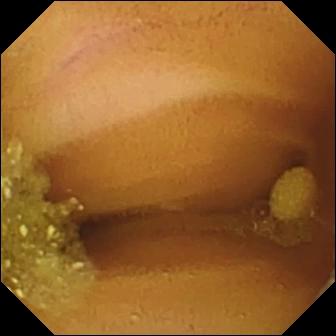Q: What does this video capsule endoscopy image show?
A: Lymphangiectasia.